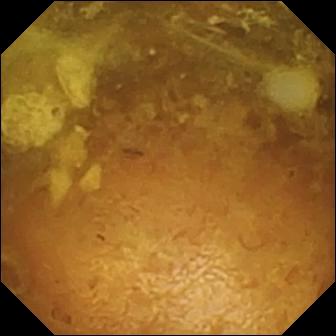PROCEDURE: Wireless capsule endoscopy.
FINDINGS: Reduced mucosal view (content or bubbles obscuring the mucosa).